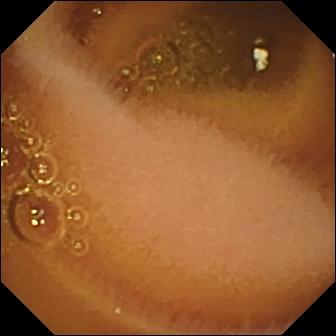Normal clean mucosa — small-bowel capsule endoscopy image of the small intestine.